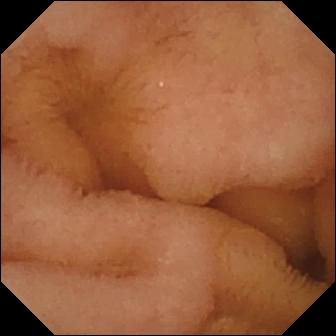VCE view, 336×336. Normal clean mucosa.